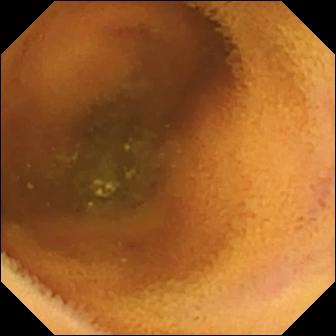This VCE frame shows normal clean mucosa.